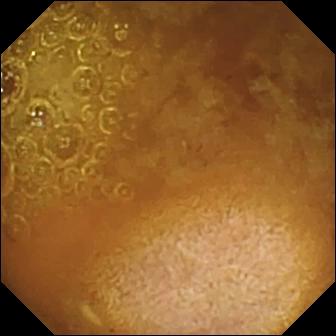Q: What does this video capsule endoscopy image of the small bowel show?
A: Reduced mucosal view (content or bubbles obscuring the mucosa).